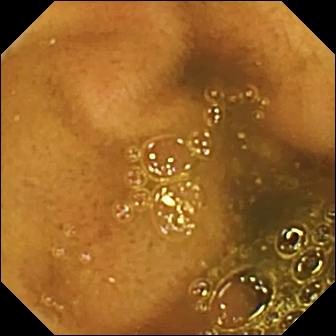Small-bowel capsule endoscopy view. Taken in the ileo-cecal valve region (where the capsule passes from the small bowel into the large bowel).